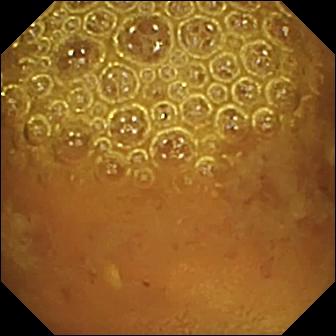This capsule endoscopy snapshot of the small intestine shows reduced mucosal view (content or bubbles obscuring the mucosa).